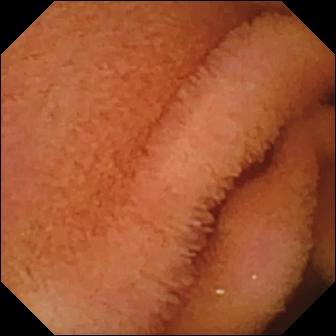Normal clean mucosa.